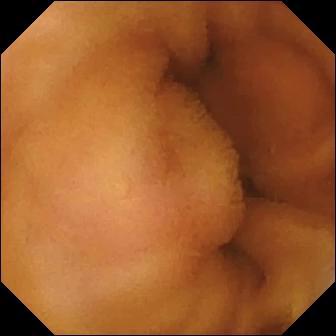WCE. Observation: normal clean mucosa.